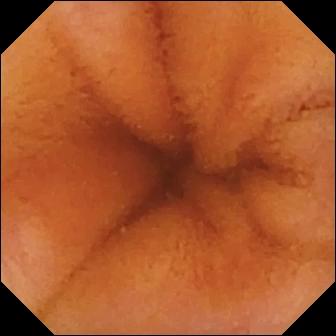{"modality": "video capsule endoscopy", "segment": "small bowel", "category": "luminal finding", "finding": "normal clean mucosa"}